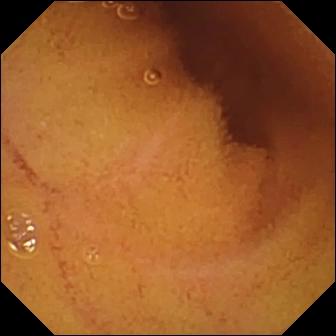Small-bowel capsule endoscopy. Small bowel. Label: normal clean mucosa.